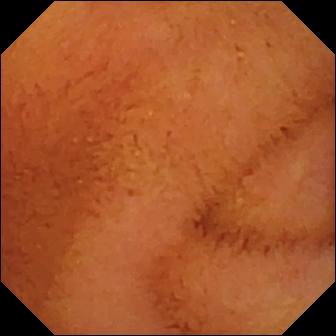Q: What does this small-bowel capsule endoscopy snapshot show?
A: Normal clean mucosa.